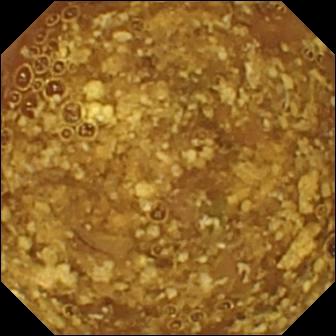Reduced mucosal view (content or bubbles obscuring the mucosa).